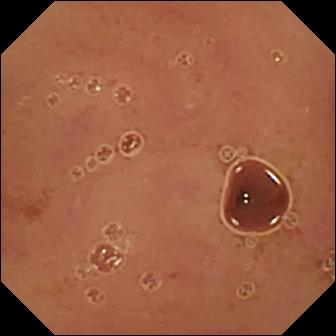- modality: video capsule endoscopy
- impression: normal clean mucosa